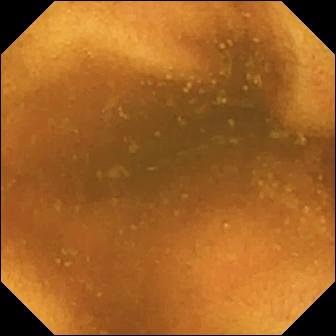Small-bowel capsule endoscopy. Impression: normal clean mucosa.